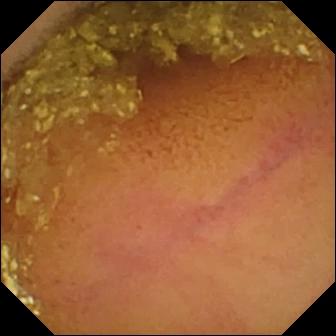- modality: VCE
- label: normal clean mucosa